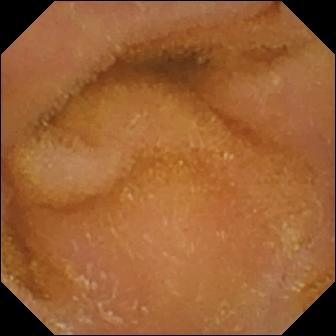- modality: wireless capsule endoscopy
- category: luminal finding
- label: normal clean mucosa